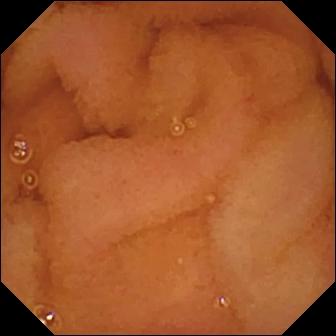VCE — normal clean mucosa.